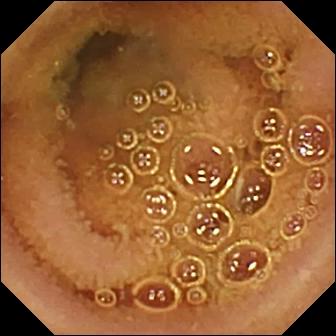Normal clean mucosa.